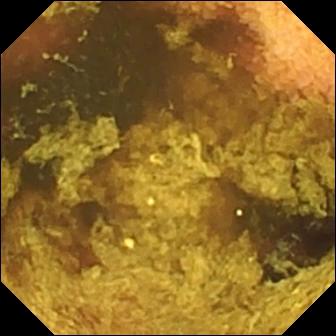modality: small-bowel capsule endoscopy | impression: normal clean mucosa